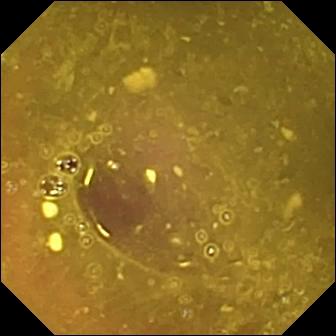Video capsule endoscopy snapshot of the small intestine showing reduced mucosal view (content or bubbles obscuring the mucosa).